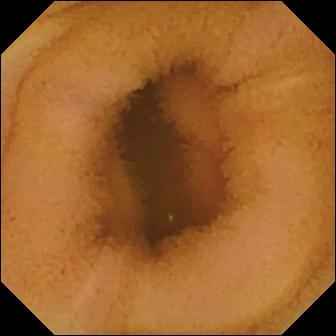Small-bowel capsule endoscopy view. Normal clean mucosa.